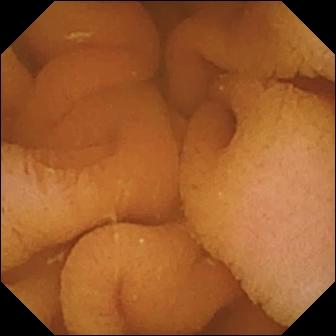PROCEDURE: Video capsule endoscopy.
SEGMENT: Small bowel.
FINDINGS: Normal clean mucosa.